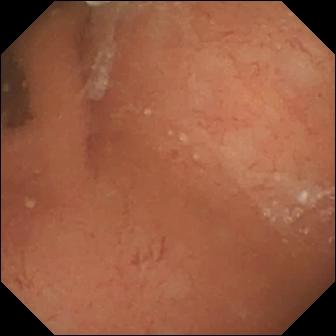modality: VCE | label: normal clean mucosa